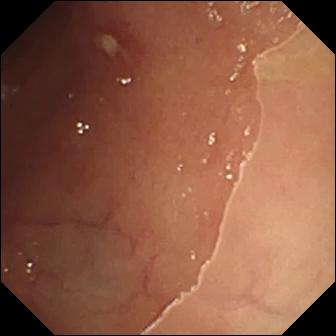This capsule endoscopy still shows ulcer.